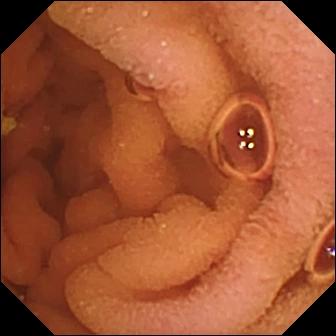- modality: video capsule endoscopy
- segment: small intestine
- category: luminal finding
- label: normal clean mucosa